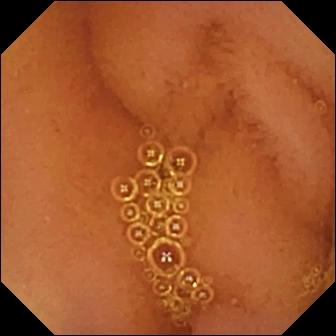VCE still of the small bowel showing normal clean mucosa.